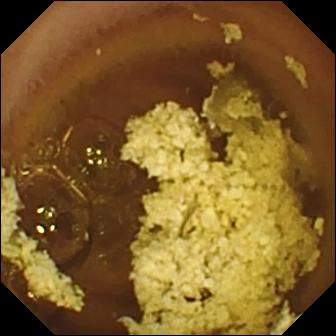PROCEDURE: Small-bowel capsule endoscopy.
FINDINGS: Normal clean mucosa.